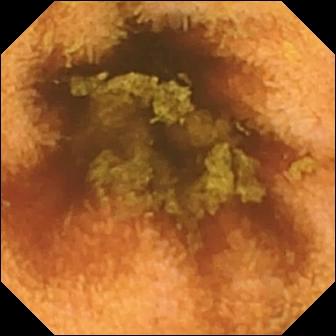This WCE image shows normal clean mucosa.